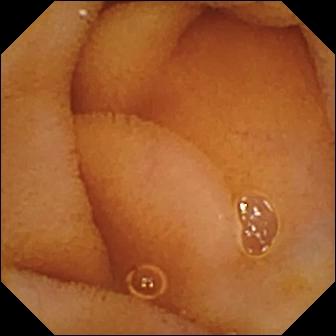modality: small-bowel capsule endoscopy | category: luminal finding | observation: normal clean mucosa